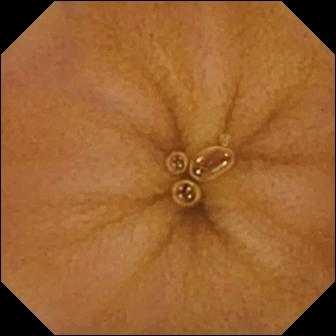Small-bowel capsule endoscopy still, 336×336. Normal clean mucosa.